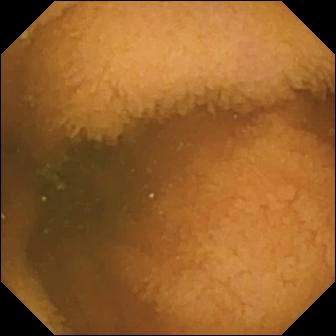Video capsule endoscopy still. Normal clean mucosa.